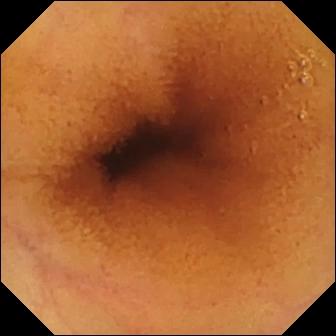Video capsule endoscopy snapshot
Label: normal clean mucosa